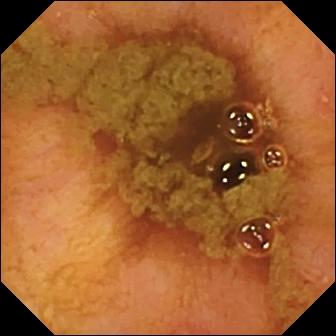PROCEDURE: Small-bowel capsule endoscopy.
LABEL: Ileo-cecal valve region (the transition from the small bowel to the large bowel).